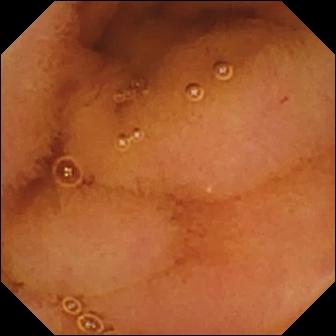Q: What does this WCE frame show?
A: Normal clean mucosa.